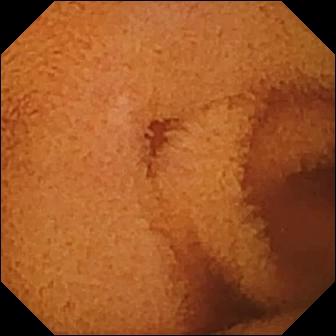Video capsule endoscopy — normal clean mucosa.